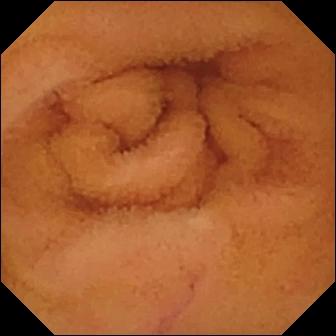{"modality": "wireless capsule endoscopy", "segment": "small bowel", "category": "luminal finding", "finding": "normal clean mucosa"}